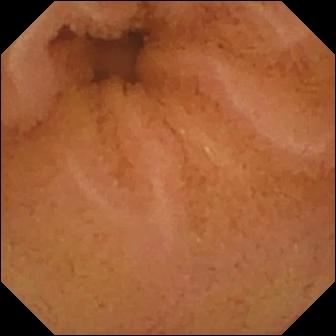{"modality": "wireless capsule endoscopy", "segment": "small bowel", "finding": "normal clean mucosa"}